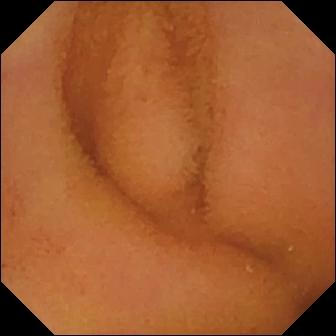This small-bowel capsule endoscopy frame shows normal clean mucosa.